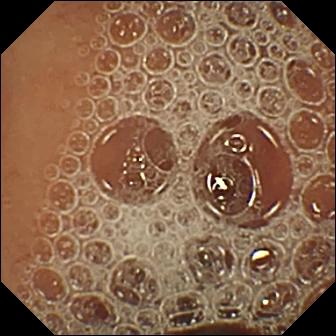Wireless capsule endoscopy — normal clean mucosa.